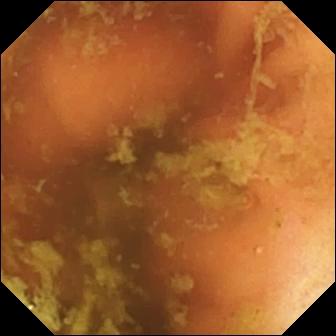This WCE image was taken in the ileo-cecal valve region (the transition from the small bowel to the large bowel).